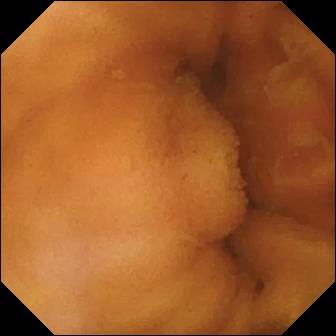modality: WCE | segment: small bowel | label: normal clean mucosa